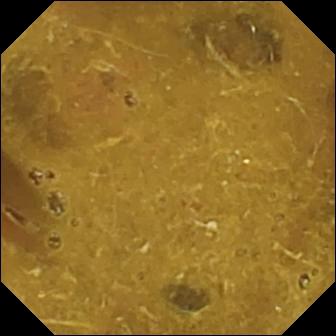Q: Where in the digestive tract was this capsule endoscopy frame taken?
A: Ileo-cecal valve region (the transition from the small bowel to the large bowel).